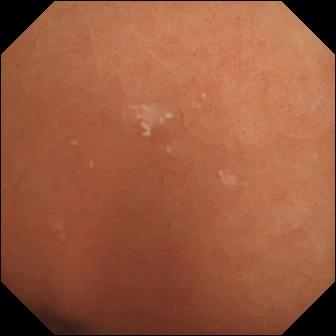Video capsule endoscopy snapshot
Observation: normal clean mucosa